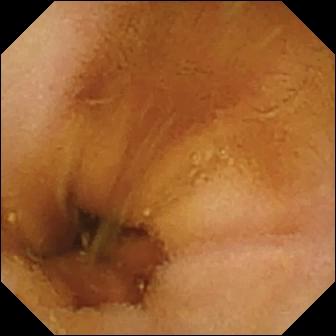{"modality": "WCE", "segment": "small bowel", "finding": "normal clean mucosa"}